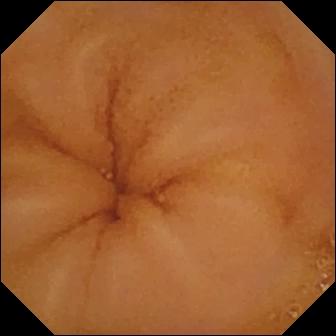WCE snapshot, small bowel
Label: normal clean mucosa